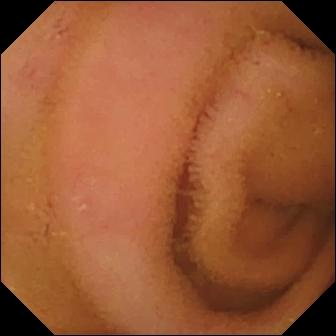Q: What does this small-bowel capsule endoscopy image of the small bowel show?
A: Normal clean mucosa.